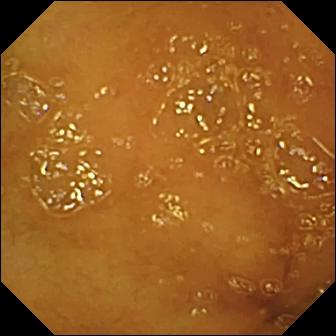VCE — normal clean mucosa.